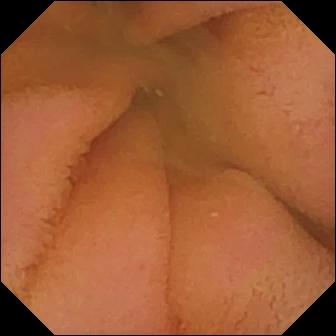Capsule endoscopy. Small intestine. Luminal finding. Observation: normal clean mucosa.